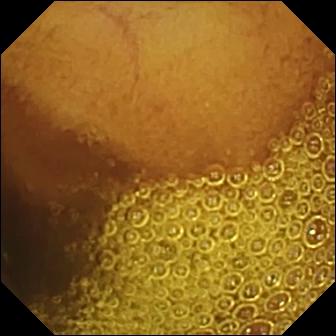WCE — normal clean mucosa.